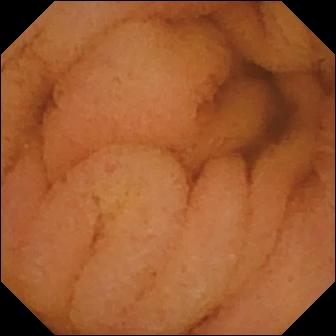Small-bowel capsule endoscopy frame
Finding: normal clean mucosa